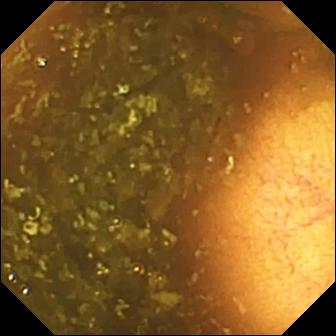Ileo-cecal valve region.